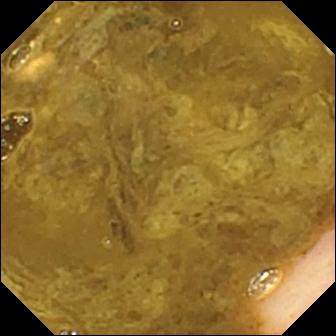Capsule endoscopy view taken in the ileo-cecal valve region (the transition from the small bowel to the large bowel).